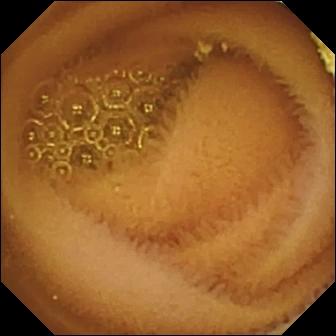This capsule endoscopy frame shows normal clean mucosa.